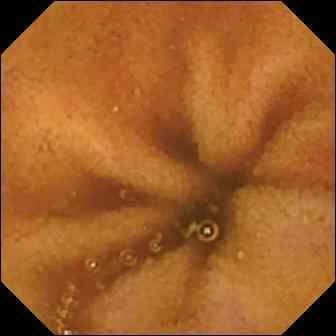PROCEDURE: Capsule endoscopy.
SEGMENT: Small intestine.
FINDINGS: Normal clean mucosa.